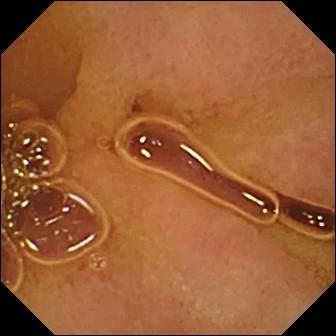{"modality": "small-bowel capsule endoscopy", "category": "luminal finding", "finding": "normal clean mucosa"}